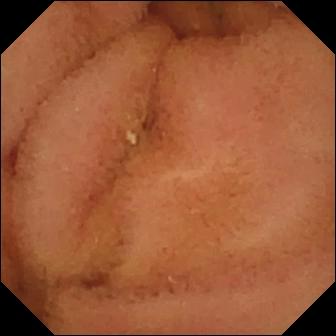Normal clean mucosa — wireless capsule endoscopy view.